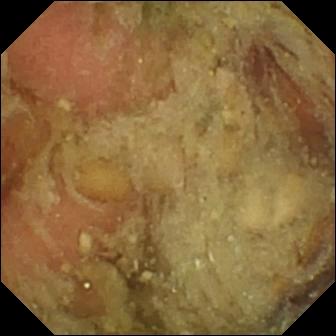Wireless capsule endoscopy still taken in the pylorus region (the junction between the stomach and the small bowel).